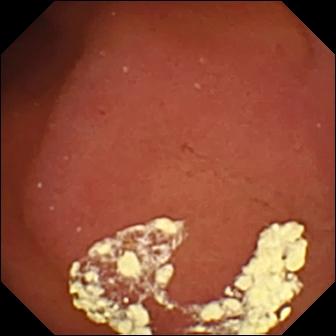- modality: capsule endoscopy
- category: anatomical landmark
- video segment: pylorus region (where the capsule passes from the stomach into the small bowel)